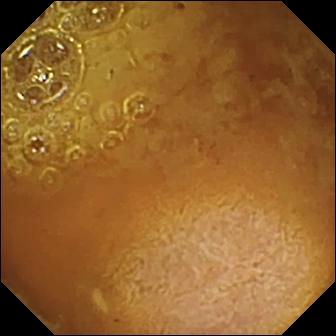Video capsule endoscopy — reduced mucosal view (content or bubbles obscuring the mucosa).